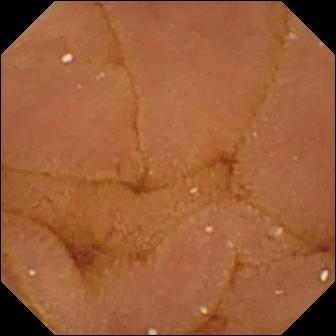VCE still (small bowel), 336×336. Normal clean mucosa.